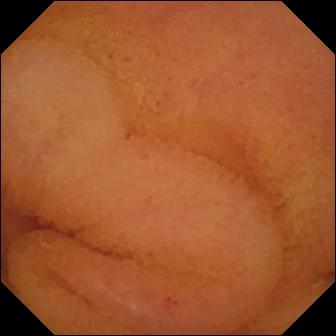Capsule endoscopy — normal clean mucosa.